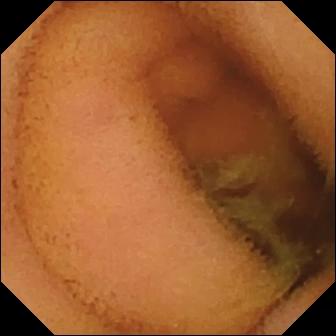Video capsule endoscopy view
Finding: normal clean mucosa